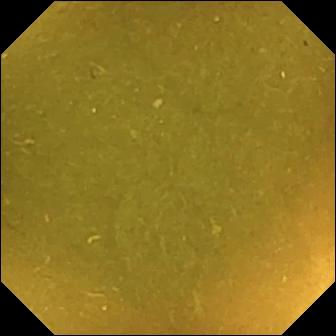PROCEDURE: Wireless capsule endoscopy.
VIDEO SEGMENT: Ileo-cecal valve region (where the capsule passes from the small bowel into the large bowel).